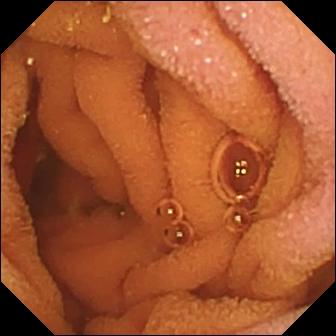Wireless capsule endoscopy — normal clean mucosa.